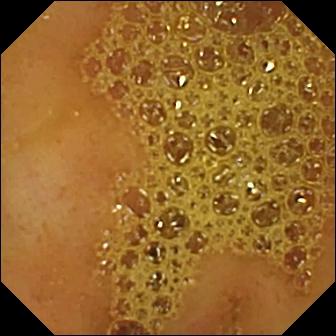PROCEDURE: Small-bowel capsule endoscopy.
LOCATION: Ileo-cecal valve region (where the capsule passes from the small bowel into the large bowel).